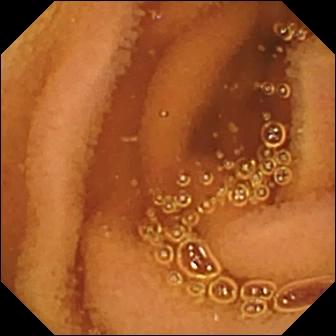modality: capsule endoscopy; category: luminal finding; observation: normal clean mucosa